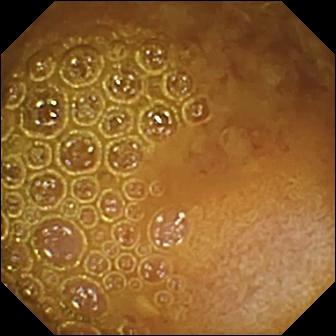- modality: wireless capsule endoscopy
- finding: reduced mucosal view (content or bubbles obscuring the mucosa)